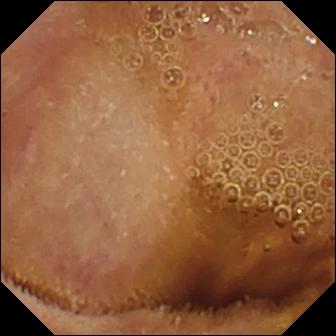PROCEDURE: WCE.
FINDINGS: Normal clean mucosa.